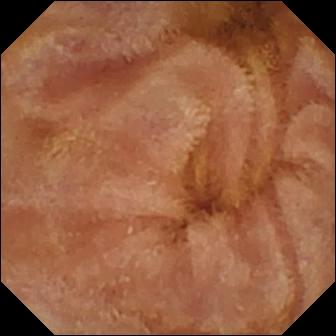- modality: VCE
- segment: small intestine
- impression: normal clean mucosa